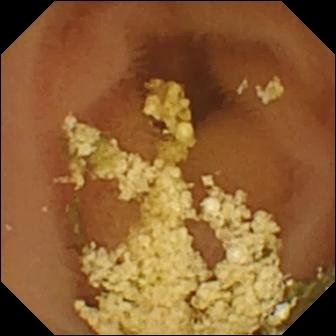PROCEDURE: Small-bowel capsule endoscopy.
FINDINGS: Normal clean mucosa.